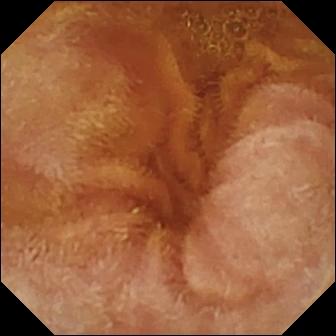PROCEDURE: Video capsule endoscopy.
SEGMENT: Small intestine.
FINDINGS: Normal clean mucosa.